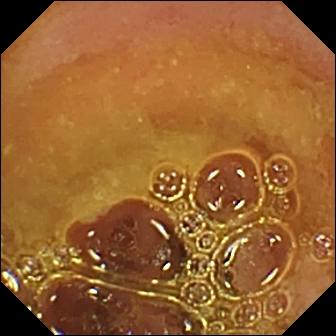WCE — normal clean mucosa.